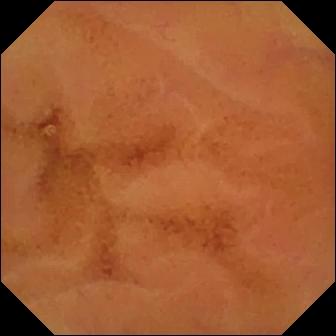modality: VCE; segment: small bowel; finding: normal clean mucosa